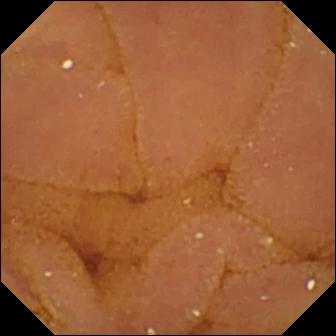VCE still (small intestine). Normal clean mucosa.